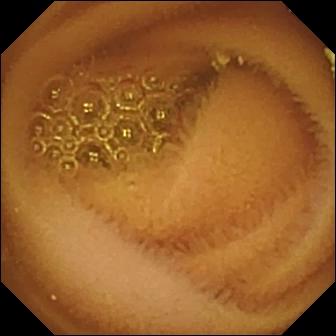- modality: small-bowel capsule endoscopy
- observation: normal clean mucosa